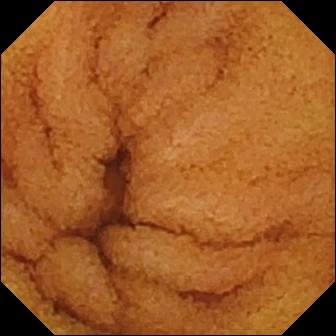Normal clean mucosa — WCE still.